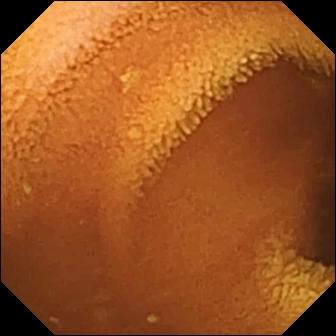This video capsule endoscopy still shows normal clean mucosa.